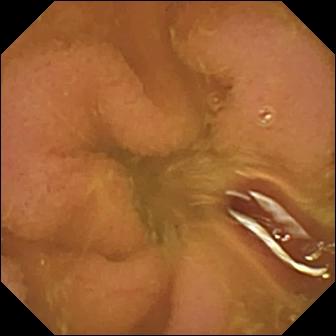modality: WCE; segment: small intestine; impression: normal clean mucosa